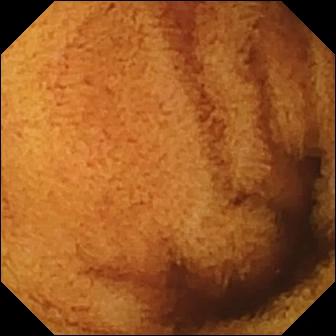Normal clean mucosa (336×336).